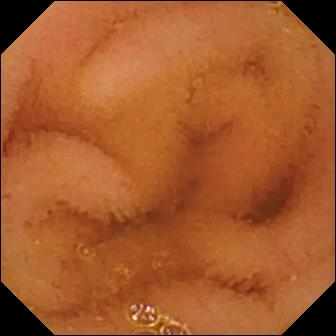Video capsule endoscopy frame (small intestine). Normal clean mucosa.